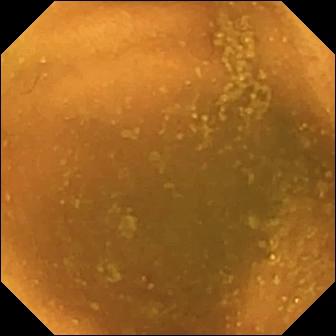{"modality": "small-bowel capsule endoscopy", "segment": "small bowel", "finding": "normal clean mucosa"}